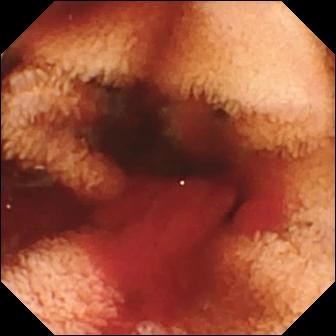Video capsule endoscopy still
Observation: fresh blood in the lumen